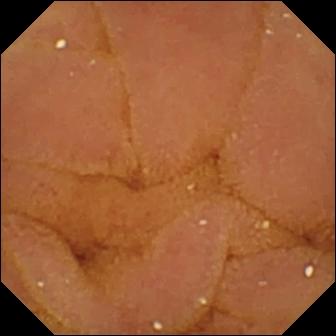- modality: video capsule endoscopy
- segment: small intestine
- observation: normal clean mucosa